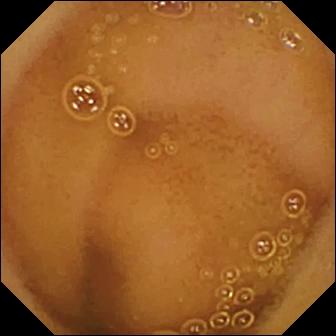This video capsule endoscopy still shows normal clean mucosa.